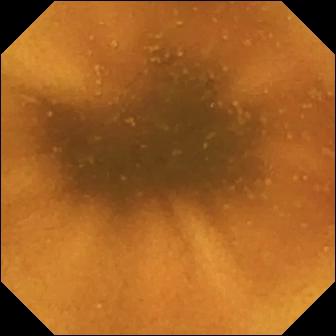Video capsule endoscopy image. Normal clean mucosa.